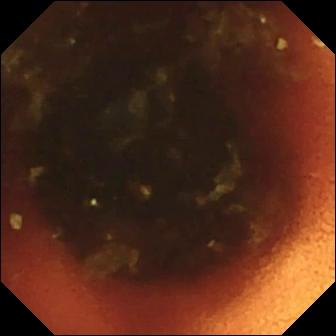- modality: capsule endoscopy
- label: ileo-cecal valve region (the transition from the small bowel to the large bowel)